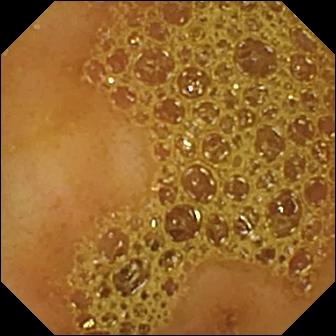- modality: WCE
- video segment: ileo-cecal valve region